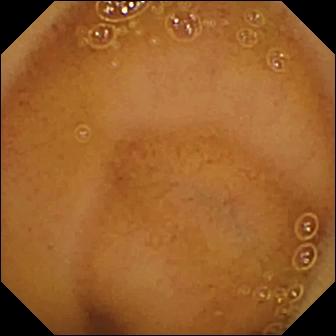Normal clean mucosa — wireless capsule endoscopy frame of the small bowel.